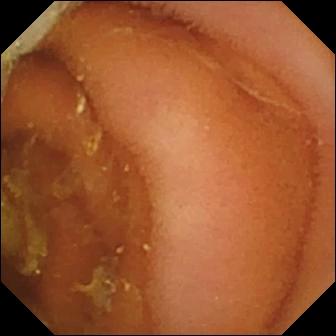WCE still. Normal clean mucosa.